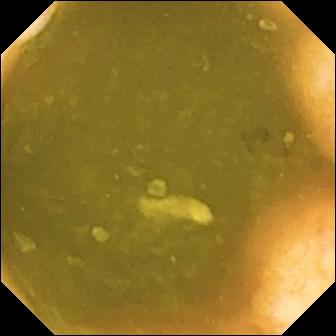VCE still taken in the ileo-cecal valve region (where the capsule passes from the small bowel into the large bowel).